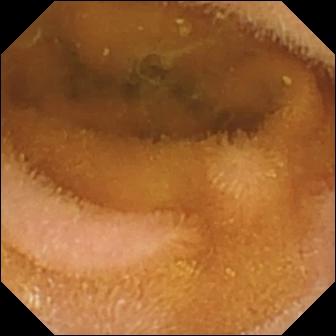Normal clean mucosa (336×336).